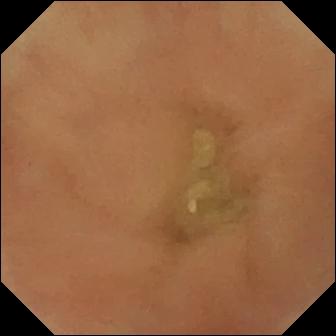Capsule endoscopy — normal clean mucosa.